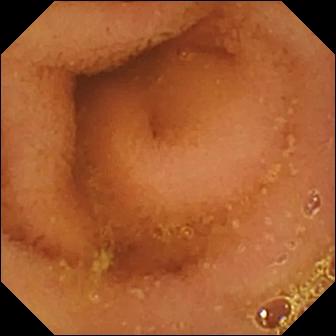Video capsule endoscopy frame showing normal clean mucosa.